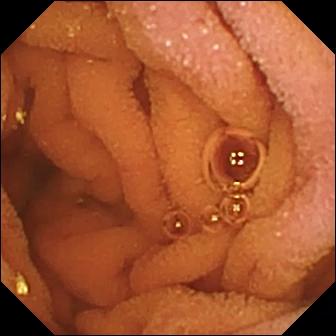Small-bowel capsule endoscopy snapshot
Impression: normal clean mucosa